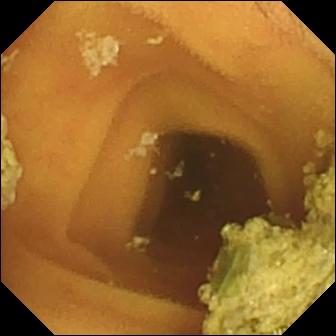Capsule endoscopy — normal clean mucosa.